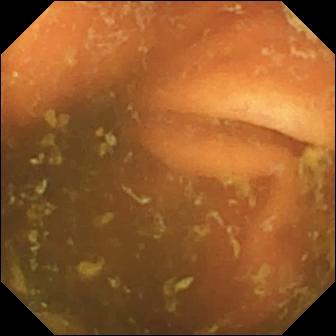{"modality": "capsule endoscopy", "category": "anatomical landmark", "video_segment": "ileo-cecal valve region"}